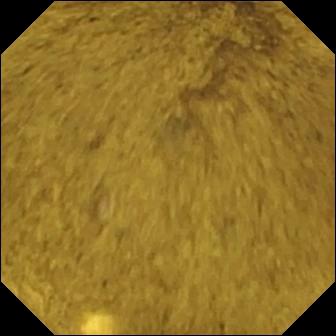VCE — ileo-cecal valve region (where the capsule passes from the small bowel into the large bowel).